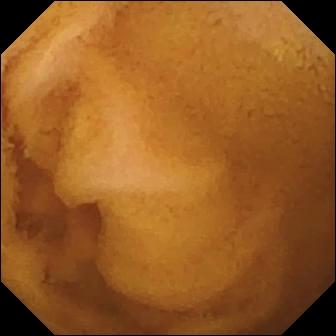Q: What does this wireless capsule endoscopy snapshot show?
A: Normal clean mucosa.